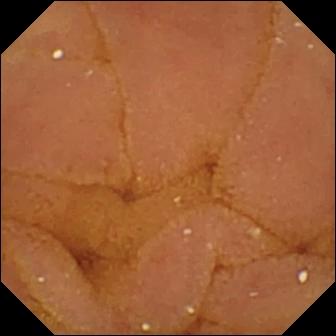Wireless capsule endoscopy still showing normal clean mucosa.